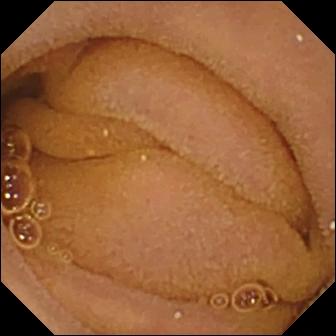WCE. Small bowel. Observation: normal clean mucosa.